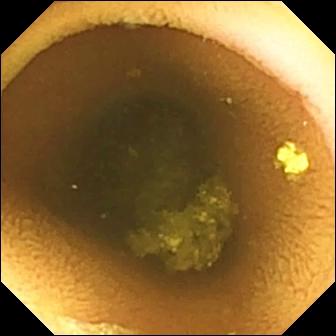This wireless capsule endoscopy frame shows normal clean mucosa.